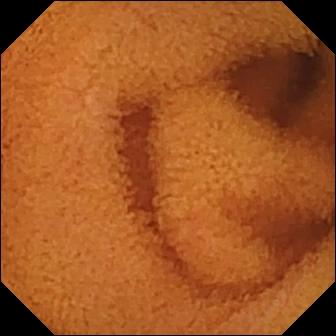VCE still of the small intestine showing normal clean mucosa.